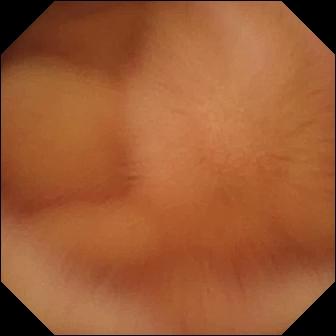Wireless capsule endoscopy. Luminal finding. Observation: normal clean mucosa.